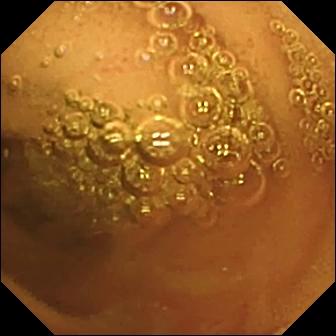Normal clean mucosa (336×336).